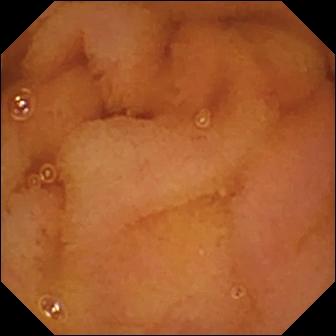VCE image showing normal clean mucosa.